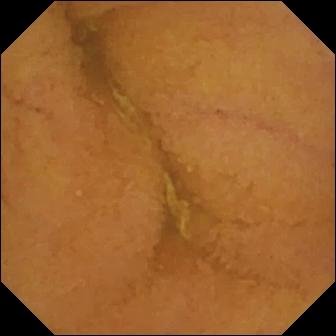Normal clean mucosa — wireless capsule endoscopy image of the small bowel.